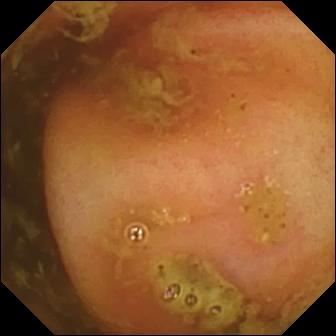- modality: capsule endoscopy
- position: ileo-cecal valve region